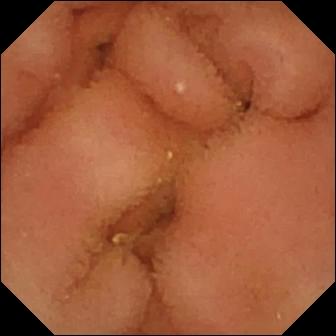VCE view, small bowel
Label: normal clean mucosa